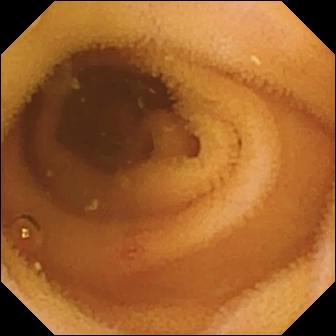- modality: small-bowel capsule endoscopy
- category: luminal finding
- label: angiectasia